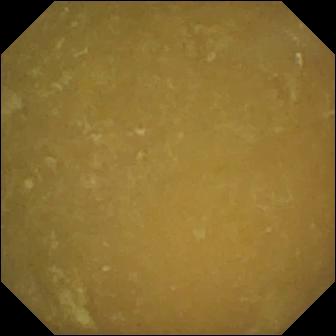VCE view taken in the ileo-cecal valve region (the transition from the small bowel to the large bowel).